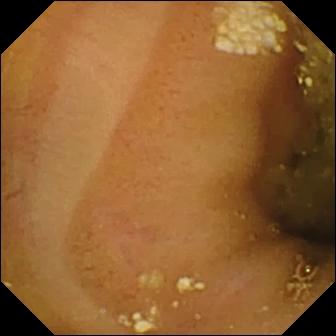Q: What does this small-bowel capsule endoscopy still show?
A: Lymphangiectasia.